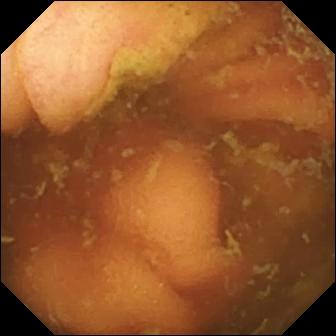Small-bowel capsule endoscopy image
Label: ileo-cecal valve region